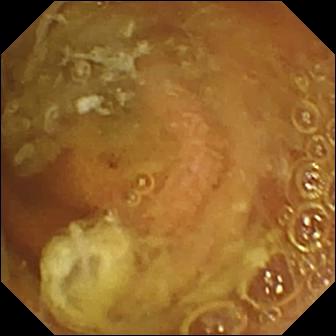Normal clean mucosa — capsule endoscopy view.